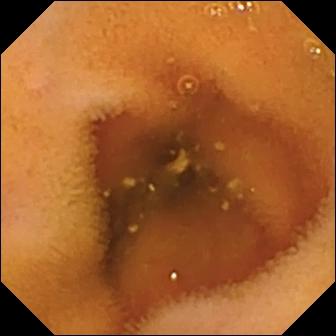This WCE view of the small intestine shows normal clean mucosa.